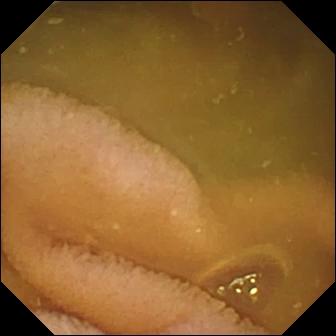VCE. Small intestine. Observation: normal clean mucosa.